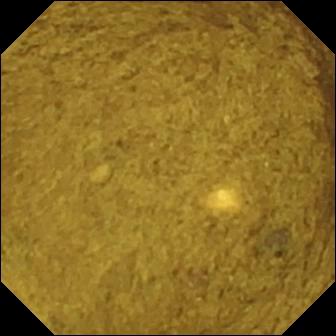- modality: video capsule endoscopy
- category: anatomical landmark
- label: ileo-cecal valve region